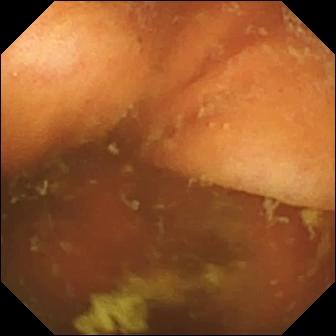Ileo-cecal valve region.